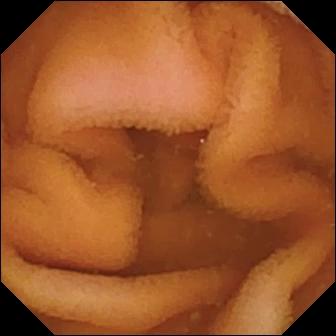This small-bowel capsule endoscopy view of the small bowel shows normal clean mucosa.